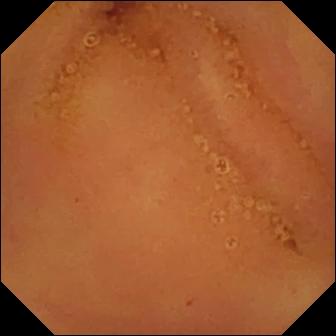- modality: video capsule endoscopy
- segment: small bowel
- label: normal clean mucosa